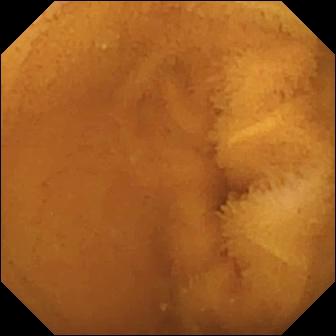Capsule endoscopy view (small intestine). Normal clean mucosa.